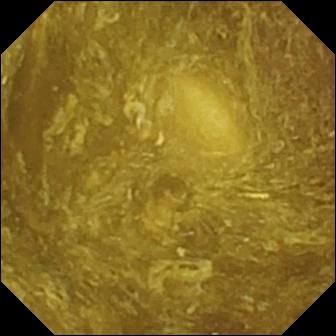WCE image of the small intestine showing reduced mucosal view (content or bubbles obscuring the mucosa).